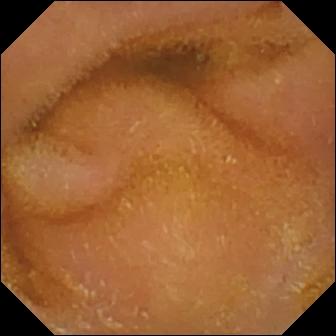Capsule endoscopy — normal clean mucosa.